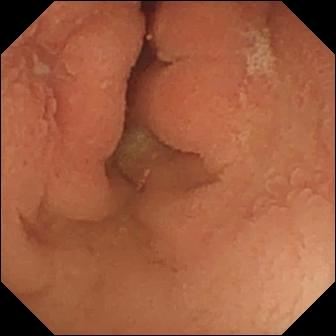This capsule endoscopy snapshot shows erosion.